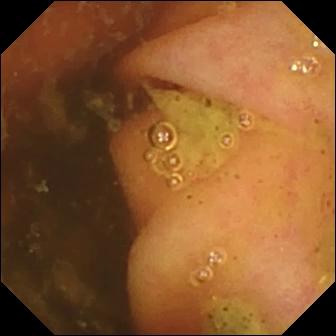This wireless capsule endoscopy frame was taken in the ileo-cecal valve region (where the capsule passes from the small bowel into the large bowel).